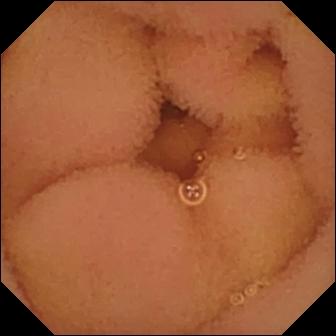PROCEDURE: VCE.
FINDINGS: Normal clean mucosa.